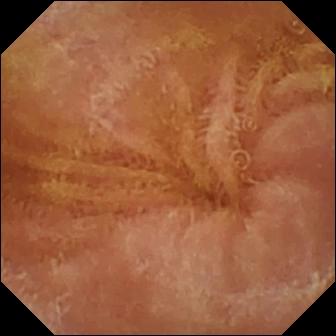modality: WCE
impression: normal clean mucosa